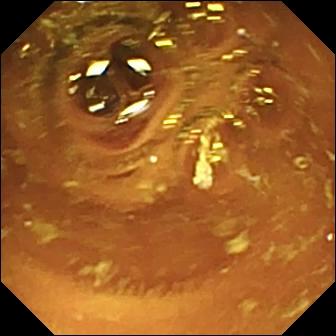Q: What does this video capsule endoscopy view of the small bowel show?
A: Normal clean mucosa.